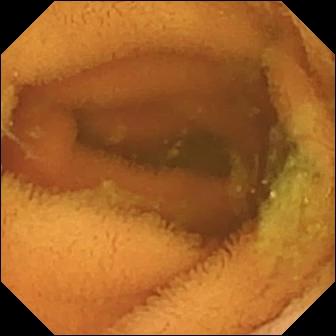PROCEDURE: Small-bowel capsule endoscopy.
SEGMENT: Small bowel.
FINDINGS: Normal clean mucosa.